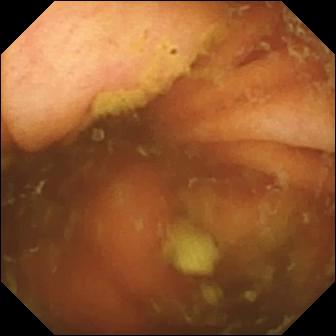- modality: VCE
- location: ileo-cecal valve region (the transition from the small bowel to the large bowel)